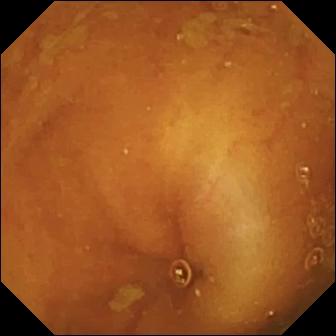Ileo-cecal valve region — wireless capsule endoscopy frame.